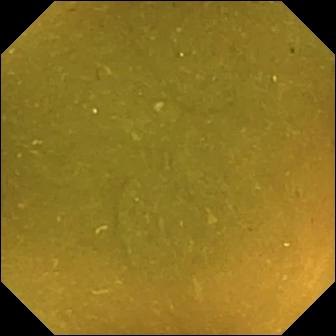- modality: capsule endoscopy
- position: ileo-cecal valve region (the transition from the small bowel to the large bowel)